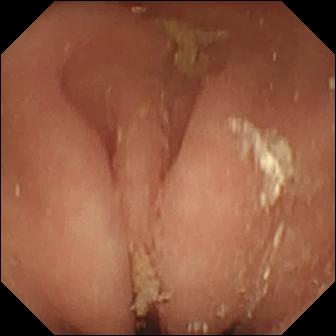Small-bowel capsule endoscopy snapshot
Label: pylorus region